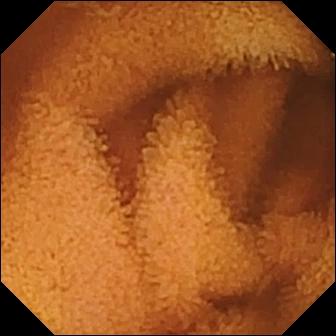This WCE image of the small intestine shows normal clean mucosa.